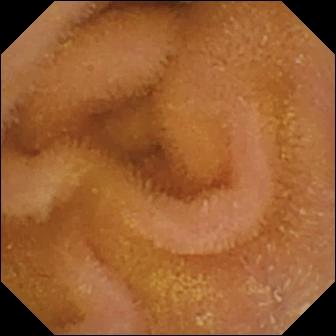This video capsule endoscopy snapshot shows normal clean mucosa.